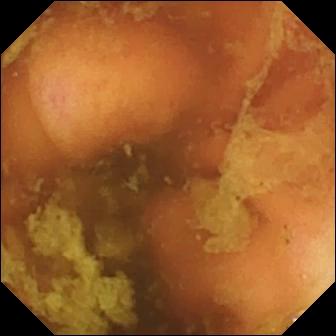Video capsule endoscopy still. Taken in the ileo-cecal valve region (the transition from the small bowel to the large bowel).